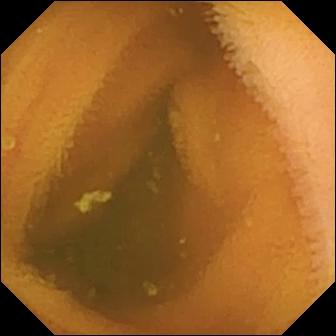VCE image, small intestine
Finding: normal clean mucosa